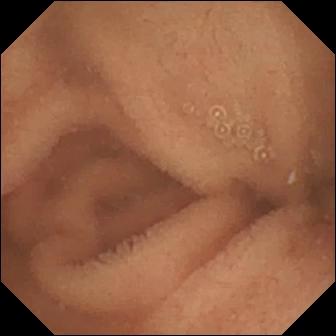Q: What does this video capsule endoscopy frame of the small bowel show?
A: Normal clean mucosa.